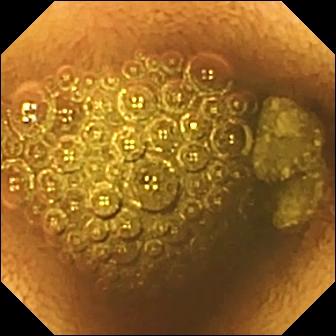PROCEDURE: Wireless capsule endoscopy.
FINDINGS: Reduced mucosal view (content or bubbles obscuring the mucosa).